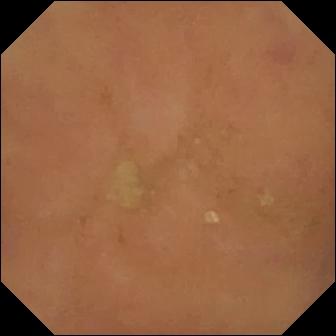Wireless capsule endoscopy image. Normal clean mucosa.